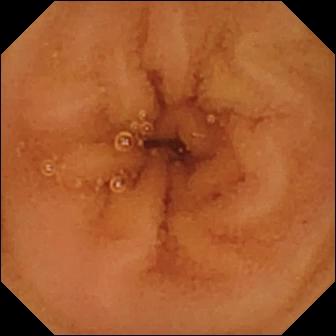Wireless capsule endoscopy still (small intestine). Normal clean mucosa.